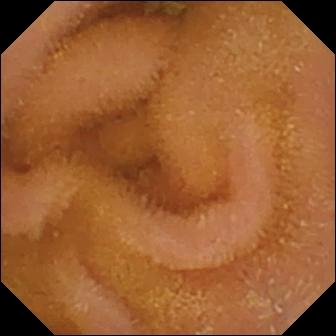This wireless capsule endoscopy still shows normal clean mucosa.